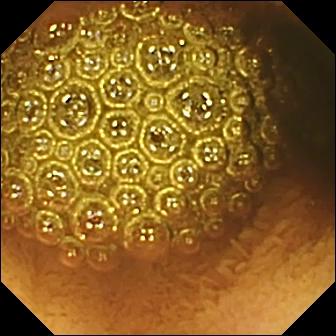Small-bowel capsule endoscopy — reduced mucosal view (content or bubbles obscuring the mucosa).